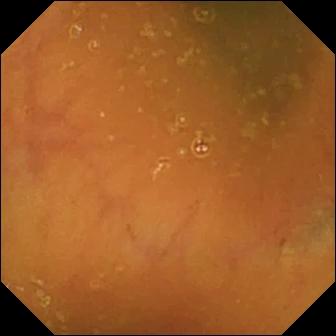PROCEDURE: Small-bowel capsule endoscopy.
LOCATION: Ileo-cecal valve region.